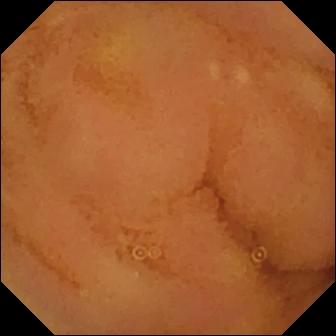- modality: WCE
- category: luminal finding
- finding: normal clean mucosa